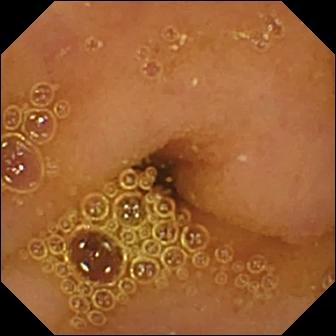Normal clean mucosa.